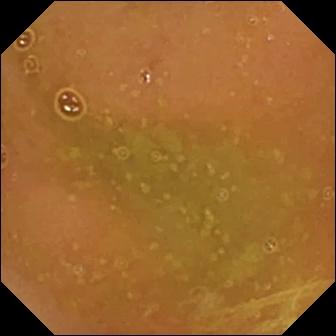VCE — normal clean mucosa.